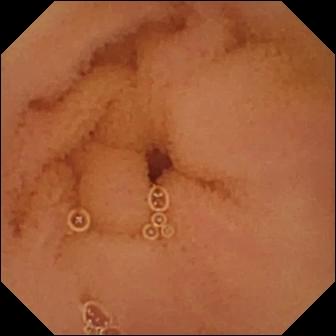WCE image of the small intestine showing normal clean mucosa.